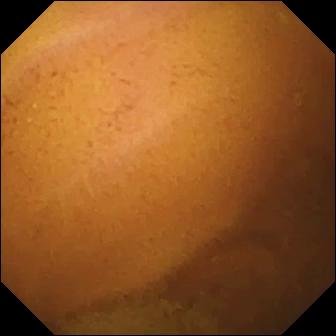Normal clean mucosa (336×336).